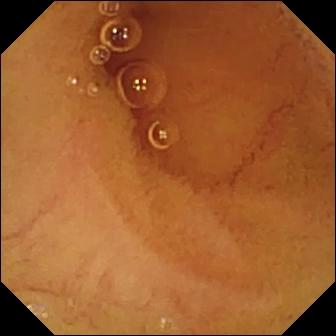WCE image
Observation: normal clean mucosa